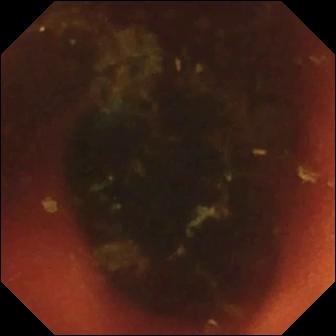Video capsule endoscopy still. Taken in the ileo-cecal valve region (the transition from the small bowel to the large bowel).